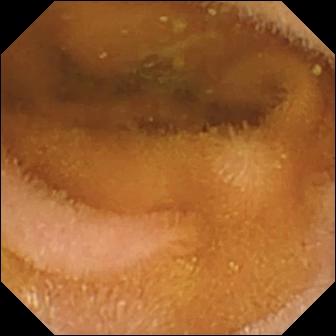WCE still
Observation: normal clean mucosa